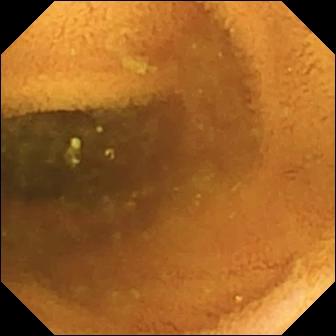WCE still
Impression: normal clean mucosa